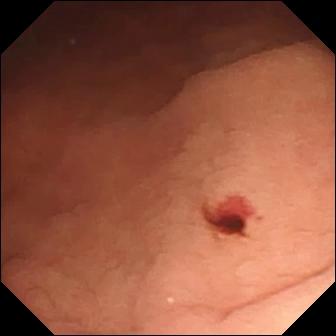WCE — angiectasia.